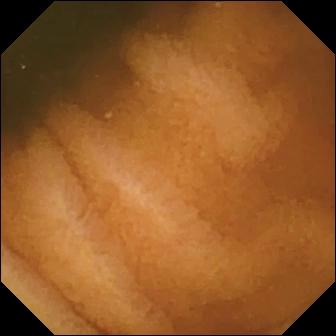Normal clean mucosa (336×336).